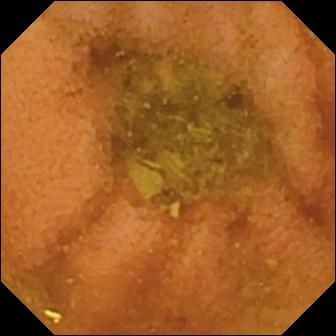- modality: video capsule endoscopy
- segment: small bowel
- label: normal clean mucosa